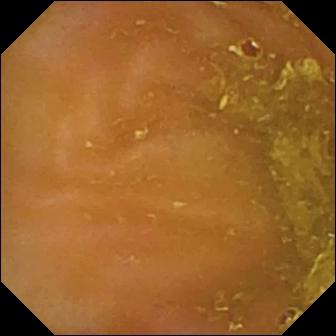modality: VCE; position: ileo-cecal valve region (the transition from the small bowel to the large bowel)